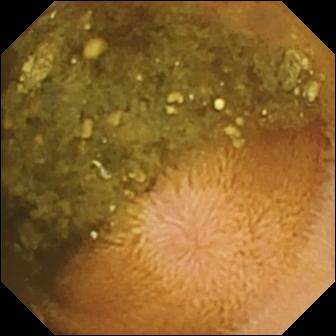Reduced mucosal view (content or bubbles obscuring the mucosa).